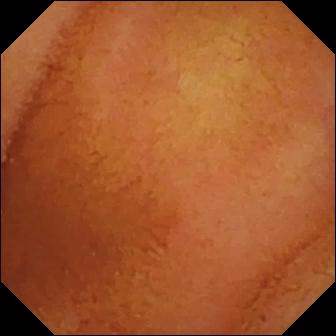Normal clean mucosa.